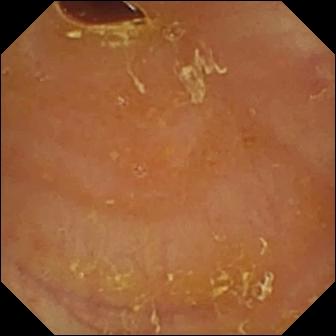Q: What does this capsule endoscopy image show?
A: Reduced mucosal view (content or bubbles obscuring the mucosa).